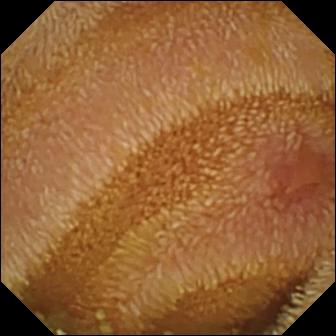Capsule endoscopy view showing erosion.